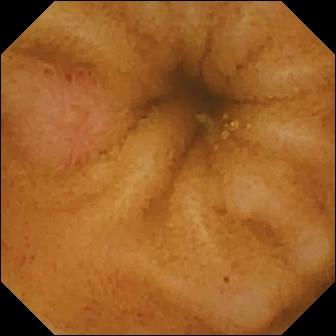Erosion — WCE frame.